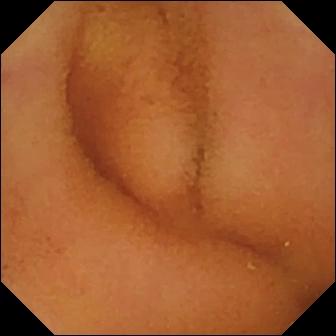Capsule endoscopy — normal clean mucosa.